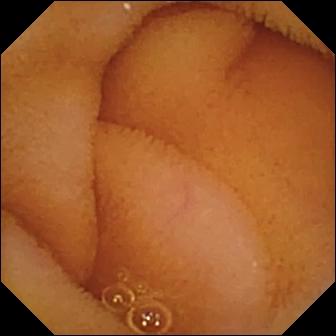PROCEDURE: Video capsule endoscopy.
SEGMENT: Small bowel.
FINDINGS: Normal clean mucosa.